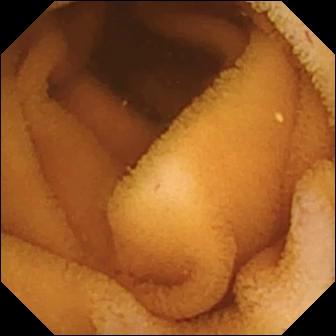Q: What does this wireless capsule endoscopy view show?
A: Normal clean mucosa.